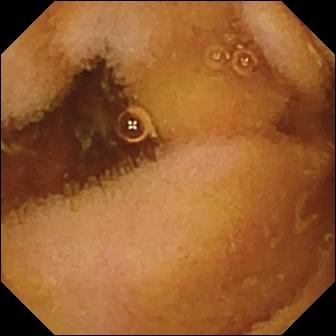Video capsule endoscopy — normal clean mucosa.